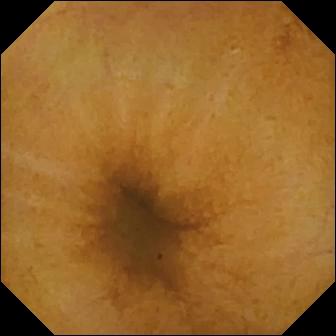- modality: small-bowel capsule endoscopy
- impression: normal clean mucosa